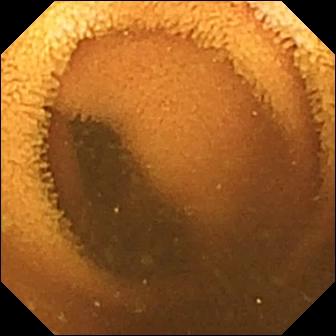- modality: WCE
- segment: small bowel
- finding: normal clean mucosa